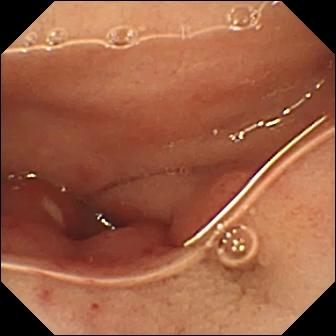WCE snapshot. Ulcer.